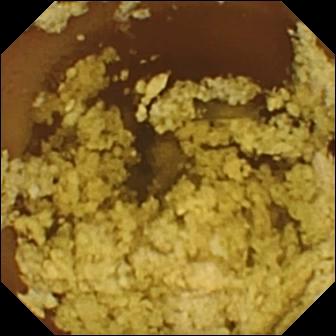WCE — normal clean mucosa.